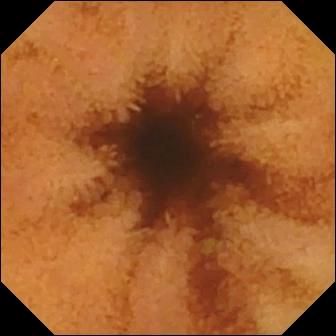Normal clean mucosa — small-bowel capsule endoscopy still of the small intestine.